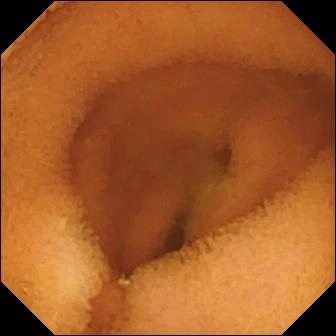PROCEDURE: Capsule endoscopy.
FINDINGS: Normal clean mucosa.